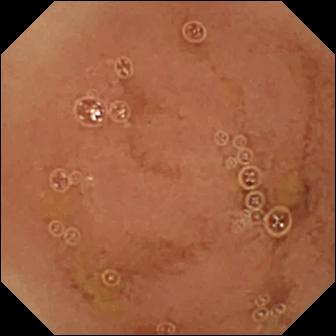Normal clean mucosa — video capsule endoscopy still.